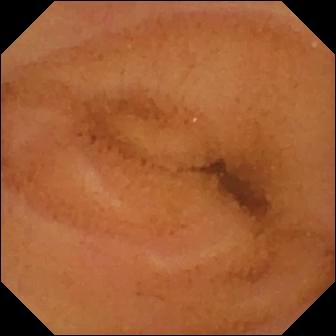Small-bowel capsule endoscopy still of the small intestine showing normal clean mucosa.